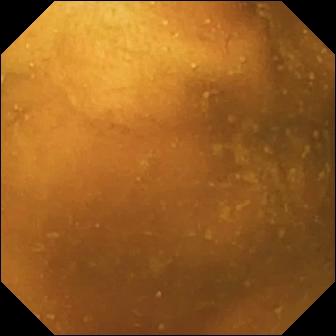modality: wireless capsule endoscopy
segment: small intestine
finding: normal clean mucosa